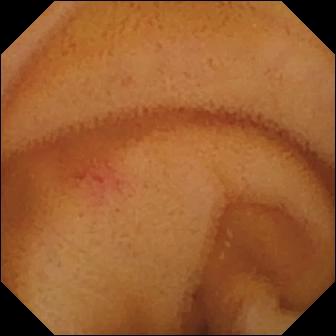This small-bowel capsule endoscopy snapshot shows angiectasia.